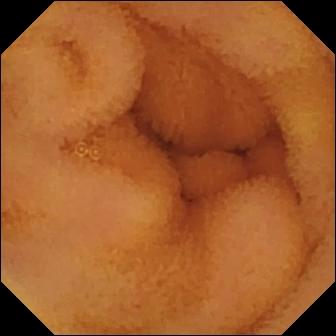Normal clean mucosa — WCE frame.